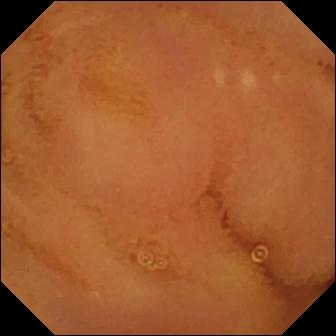{"modality": "video capsule endoscopy", "finding": "normal clean mucosa"}